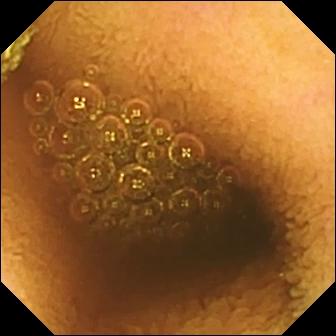WCE view
Impression: reduced mucosal view (content or bubbles obscuring the mucosa)